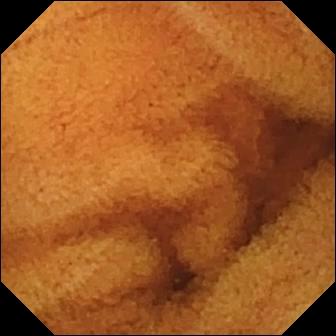- modality: small-bowel capsule endoscopy
- observation: normal clean mucosa